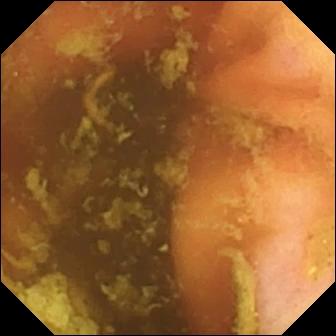Wireless capsule endoscopy frame. Taken in the ileo-cecal valve region (the transition from the small bowel to the large bowel).